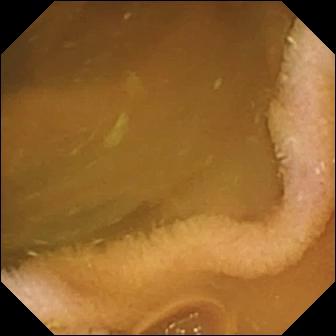Capsule endoscopy image
Label: normal clean mucosa